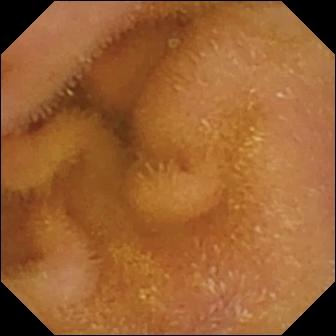{"modality": "wireless capsule endoscopy", "segment": "small intestine", "finding": "normal clean mucosa"}